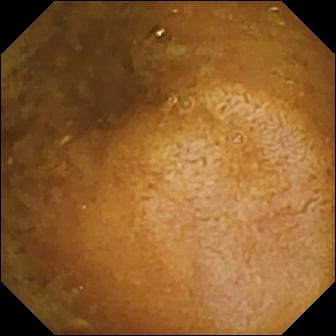Video capsule endoscopy. Small intestine. Luminal finding. Label: reduced mucosal view (content or bubbles obscuring the mucosa).